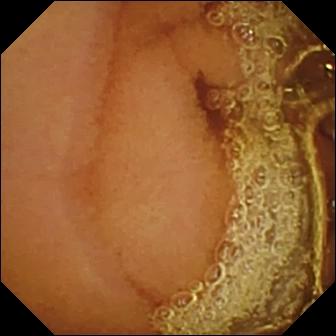This wireless capsule endoscopy view of the small bowel shows normal clean mucosa.